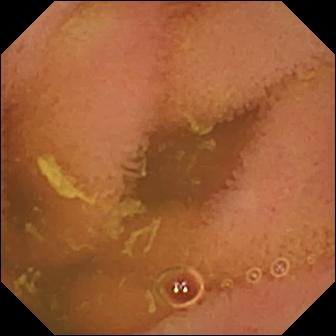Q: What does this wireless capsule endoscopy image of the small intestine show?
A: Normal clean mucosa.